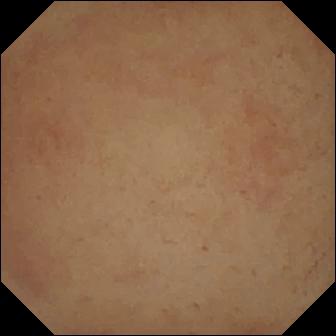Small-bowel capsule endoscopy — pylorus region.